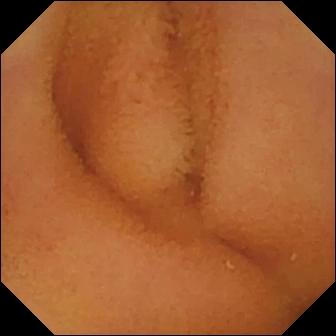PROCEDURE: Capsule endoscopy.
FINDINGS: Normal clean mucosa.